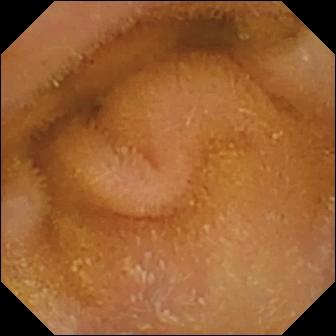Q: What does this capsule endoscopy view of the small bowel show?
A: Normal clean mucosa.